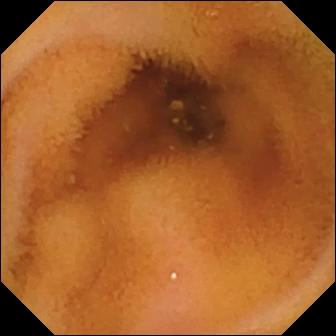Q: What does this capsule endoscopy view show?
A: Normal clean mucosa.